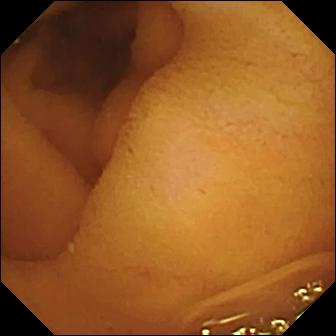Small-bowel capsule endoscopy snapshot, small bowel
Observation: normal clean mucosa